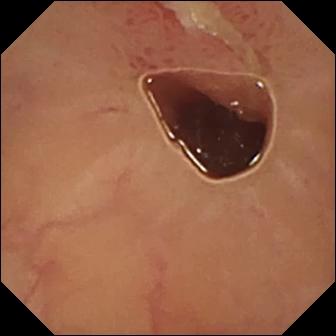modality: VCE; observation: ulcer